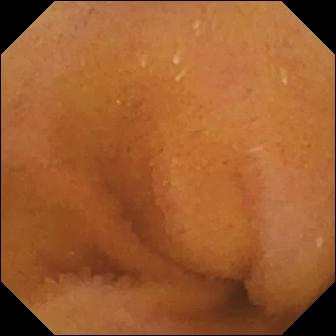PROCEDURE: Capsule endoscopy.
FINDINGS: Normal clean mucosa.